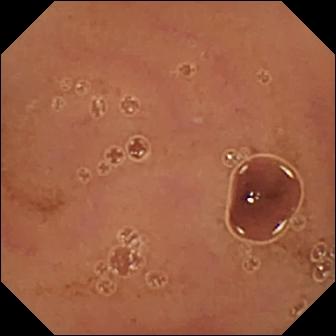PROCEDURE: Wireless capsule endoscopy.
SEGMENT: Small bowel.
FINDINGS: Normal clean mucosa.